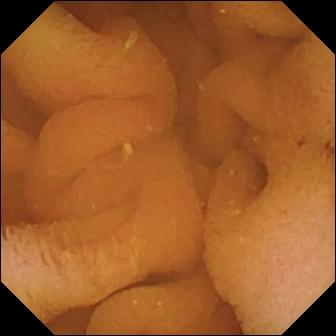Normal clean mucosa — capsule endoscopy image of the small bowel.